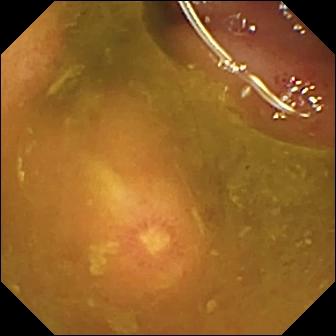Small-bowel capsule endoscopy. Label: ulcer.